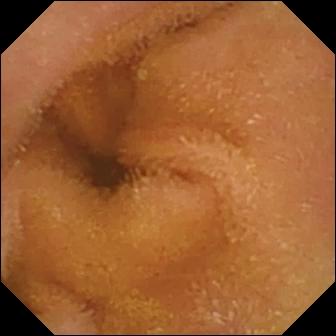This video capsule endoscopy frame of the small intestine shows normal clean mucosa.